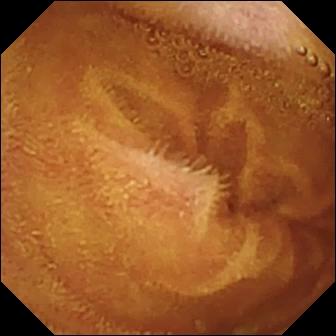Video capsule endoscopy. Small intestine. Impression: normal clean mucosa.